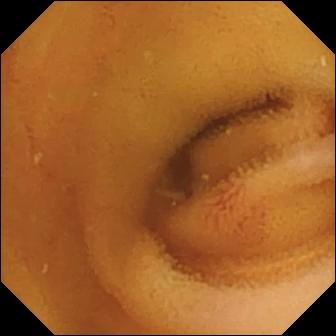modality: small-bowel capsule endoscopy
category: luminal finding
impression: angiectasia